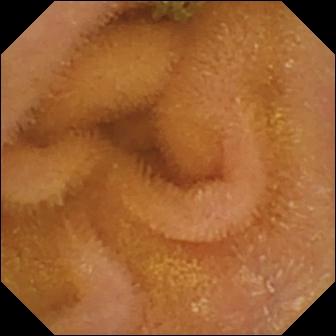Wireless capsule endoscopy snapshot, small intestine
Impression: normal clean mucosa